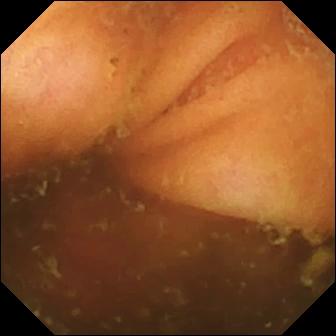VCE. Position: ileo-cecal valve region (where the capsule passes from the small bowel into the large bowel).